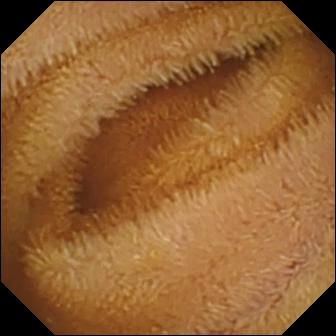modality: capsule endoscopy; observation: normal clean mucosa